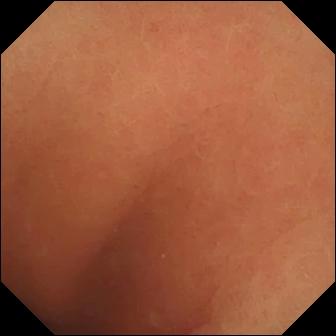PROCEDURE: Capsule endoscopy.
FINDINGS: Normal clean mucosa.